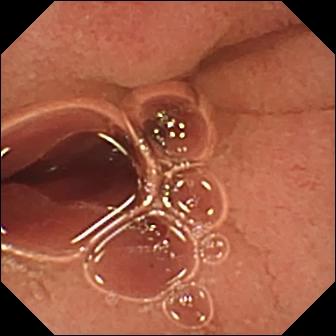This video capsule endoscopy view was taken in the pylorus region (the junction between the stomach and the small bowel).